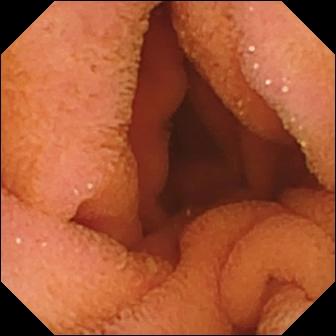PROCEDURE: VCE.
SEGMENT: Small intestine.
FINDINGS: Normal clean mucosa.